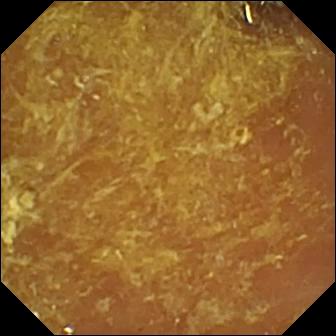- modality: small-bowel capsule endoscopy
- category: luminal finding
- observation: reduced mucosal view (content or bubbles obscuring the mucosa)